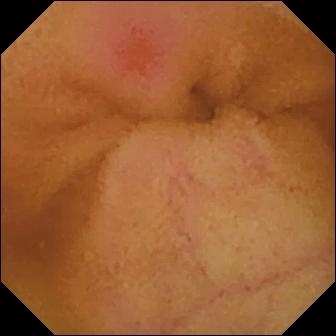Wireless capsule endoscopy — erythema (mucosal redness).